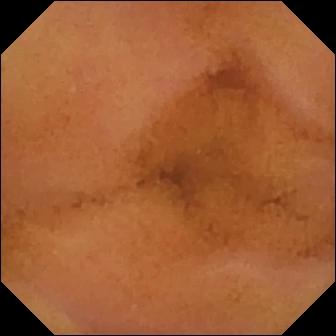PROCEDURE: Video capsule endoscopy.
SEGMENT: Small bowel.
FINDINGS: Normal clean mucosa.